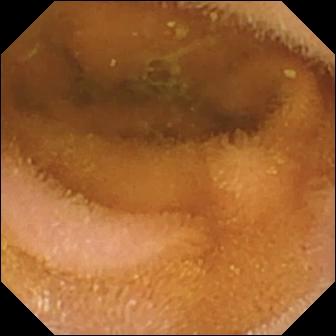This video capsule endoscopy view shows normal clean mucosa.